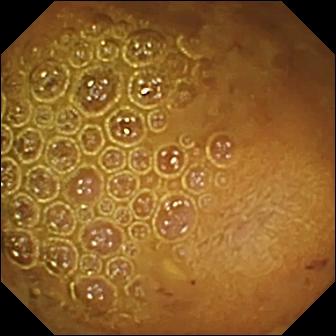PROCEDURE: Wireless capsule endoscopy.
FINDINGS: Reduced mucosal view (content or bubbles obscuring the mucosa).